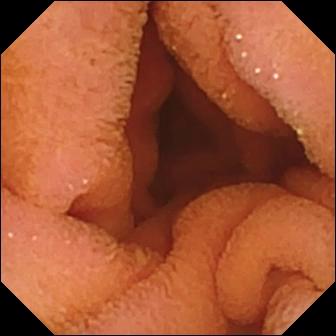Small-bowel capsule endoscopy view
Finding: normal clean mucosa